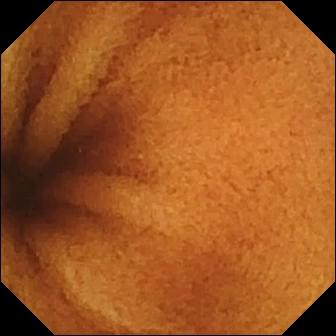WCE — normal clean mucosa.